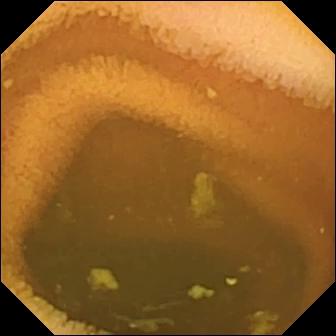Normal clean mucosa.